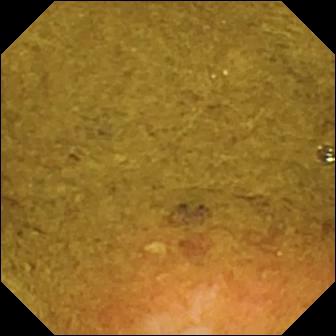This capsule endoscopy view was taken in the ileo-cecal valve region.